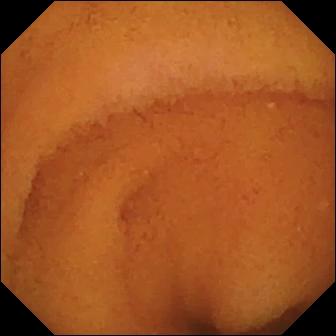WCE still of the small intestine showing normal clean mucosa.